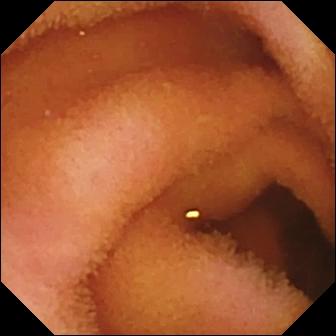modality: wireless capsule endoscopy | segment: small bowel | category: luminal finding | finding: normal clean mucosa